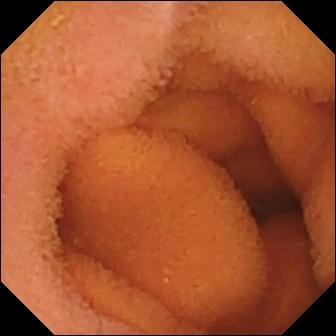WCE. Label: normal clean mucosa.